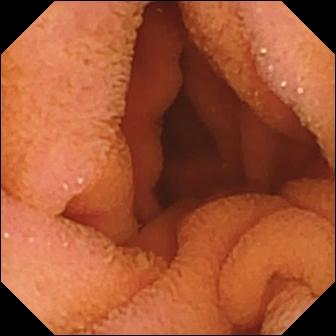Video capsule endoscopy frame (small intestine). Normal clean mucosa.